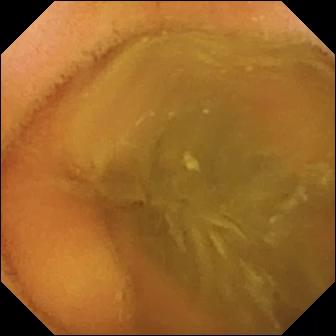Q: What does this wireless capsule endoscopy image show?
A: Normal clean mucosa.